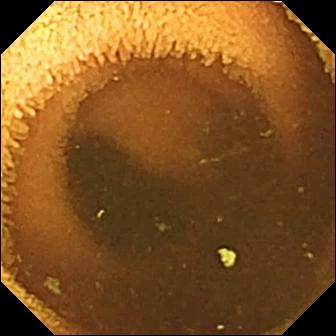Normal clean mucosa.